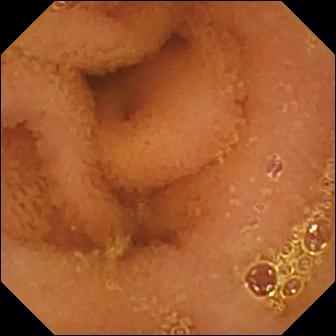Q: What does this VCE still of the small intestine show?
A: Normal clean mucosa.